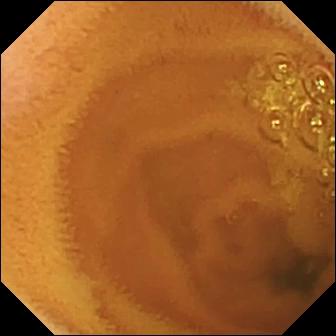PROCEDURE: Video capsule endoscopy.
SEGMENT: Small bowel.
FINDINGS: Normal clean mucosa.